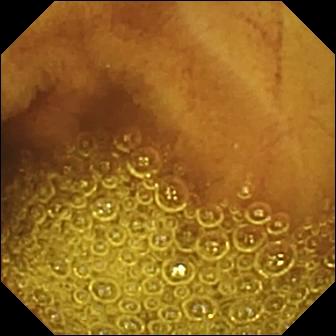VCE snapshot showing normal clean mucosa.